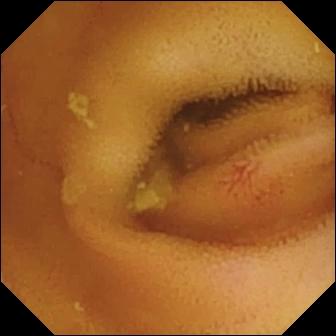Wireless capsule endoscopy snapshot. Angiectasia.